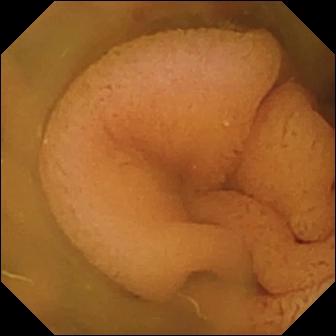modality: wireless capsule endoscopy; label: normal clean mucosa